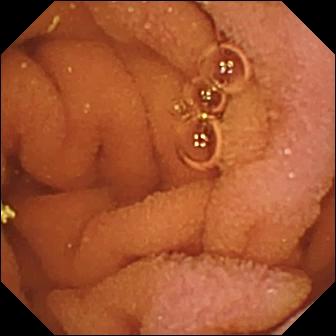modality: WCE
segment: small bowel
impression: normal clean mucosa